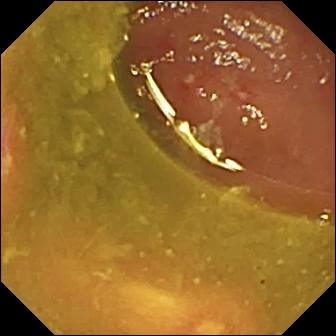Q: What does this VCE view show?
A: Ulcer.